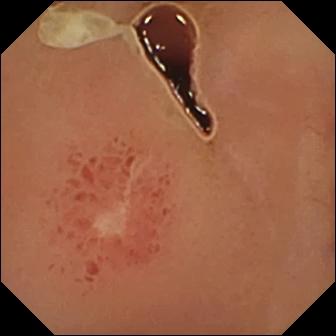Ulcer — video capsule endoscopy view.